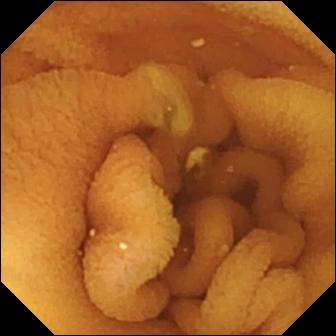Normal clean mucosa.